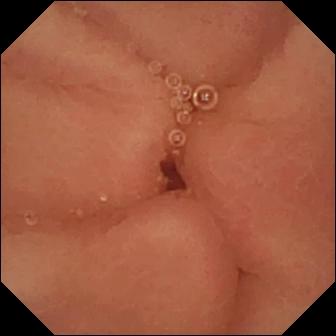Wireless capsule endoscopy still. Taken in the pylorus region (where the capsule passes from the stomach into the small bowel).